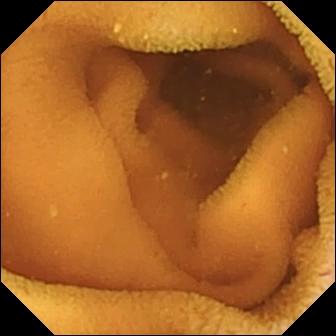WCE image of the small bowel showing normal clean mucosa.